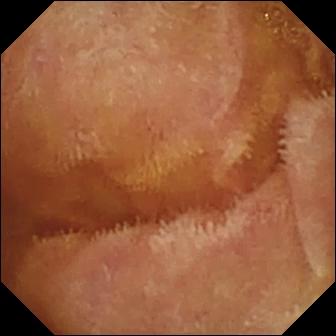Small-bowel capsule endoscopy. Small bowel. Impression: normal clean mucosa.